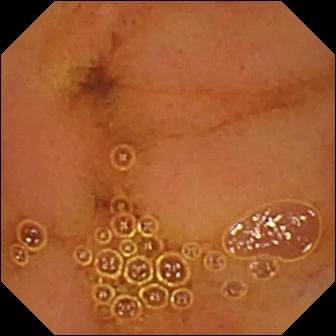Small-bowel capsule endoscopy still
Label: normal clean mucosa